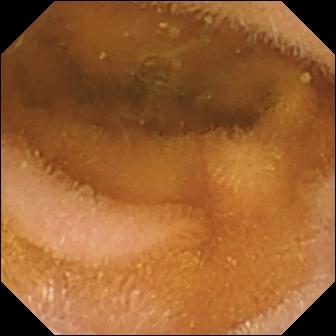This WCE snapshot shows normal clean mucosa.